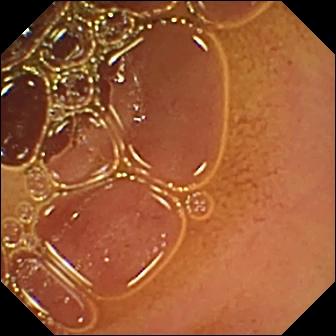Normal clean mucosa — WCE frame of the small bowel.